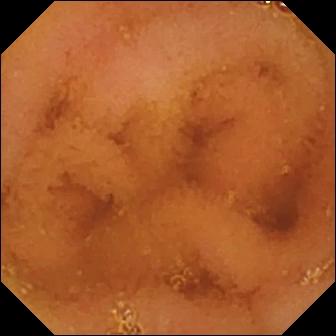Normal clean mucosa — small-bowel capsule endoscopy image of the small intestine.